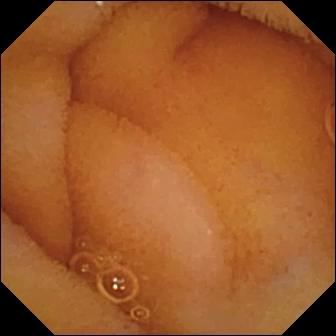PROCEDURE: Wireless capsule endoscopy.
FINDINGS: Normal clean mucosa.